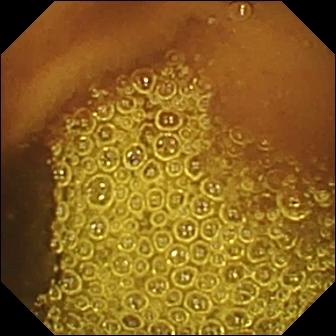Video capsule endoscopy still (small bowel). Normal clean mucosa.